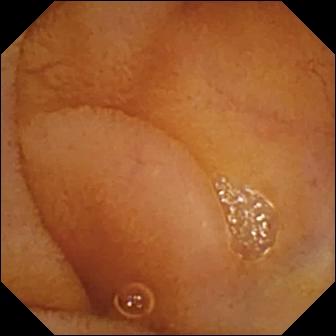WCE frame. Normal clean mucosa.